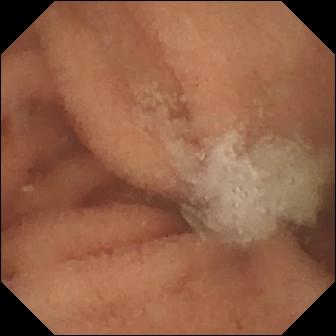- modality: capsule endoscopy
- observation: normal clean mucosa